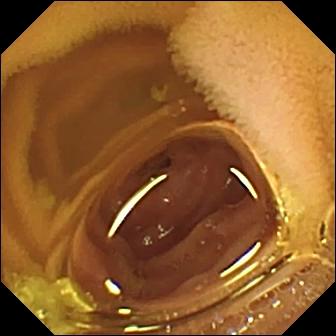modality: small-bowel capsule endoscopy
segment: small bowel
label: normal clean mucosa